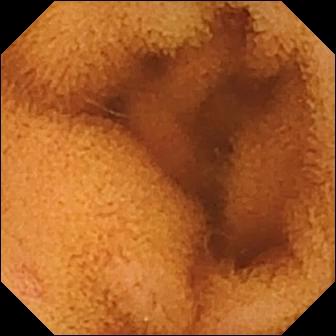This WCE frame of the small bowel shows normal clean mucosa.